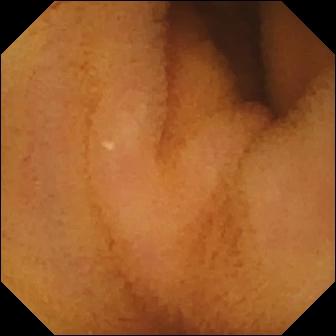{"modality": "wireless capsule endoscopy", "segment": "small bowel", "category": "luminal finding", "finding": "normal clean mucosa"}